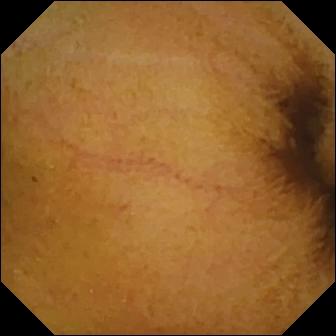PROCEDURE: Video capsule endoscopy.
FINDINGS: Normal clean mucosa.